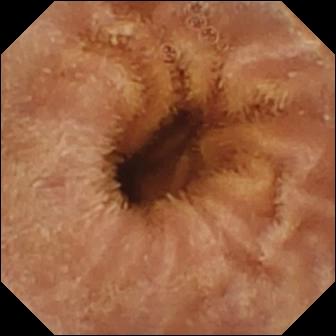PROCEDURE: Wireless capsule endoscopy.
FINDINGS: Normal clean mucosa.